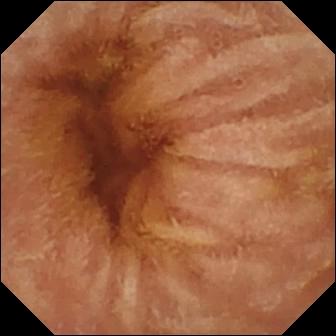Q: What does this capsule endoscopy frame of the small intestine show?
A: Normal clean mucosa.